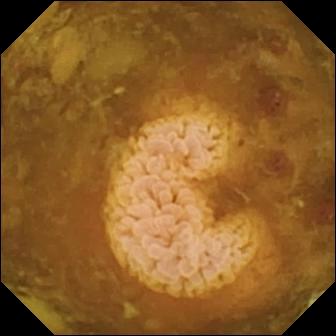Q: What does this VCE snapshot show?
A: Reduced mucosal view (content or bubbles obscuring the mucosa).